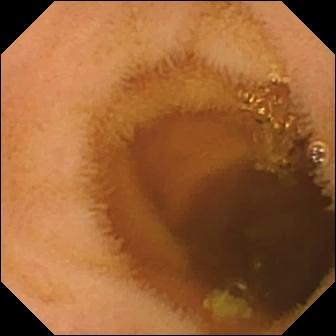Normal clean mucosa — WCE snapshot of the small intestine.